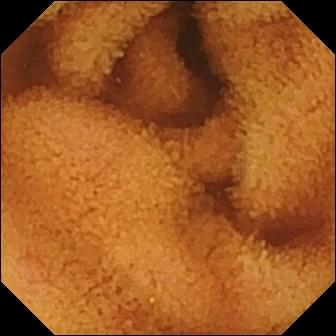- modality: wireless capsule endoscopy
- segment: small intestine
- category: luminal finding
- label: normal clean mucosa